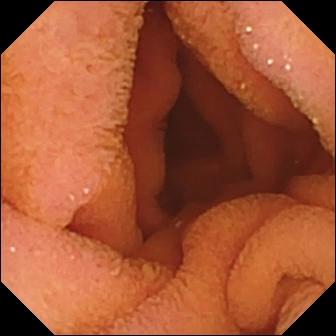VCE still showing normal clean mucosa.